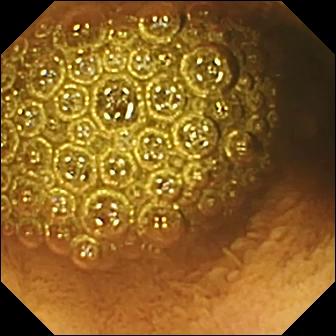Reduced mucosal view (content or bubbles obscuring the mucosa) — small-bowel capsule endoscopy snapshot.